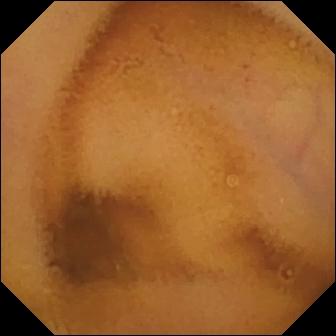Capsule endoscopy. Small bowel. Observation: normal clean mucosa.